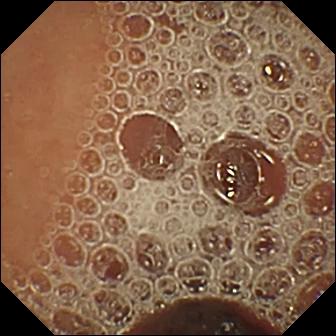VCE frame. Normal clean mucosa.